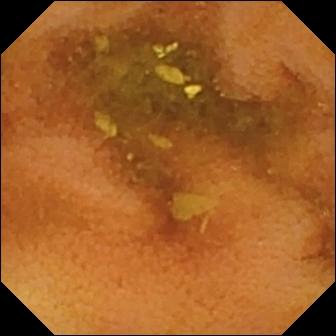VCE frame showing normal clean mucosa.